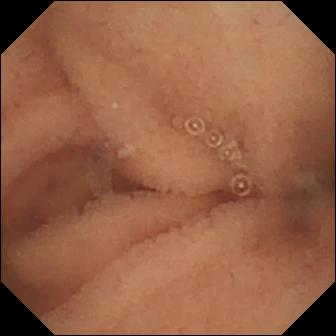{"modality": "video capsule endoscopy", "segment": "small bowel", "finding": "normal clean mucosa"}